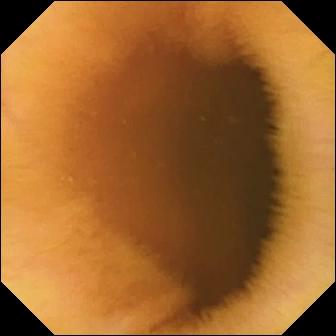{"modality": "small-bowel capsule endoscopy", "finding": "normal clean mucosa"}